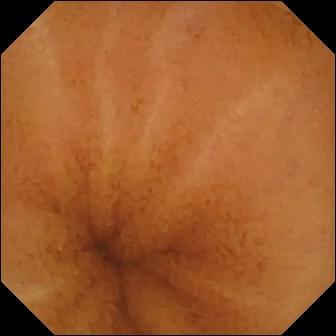- modality: capsule endoscopy
- segment: small intestine
- label: normal clean mucosa